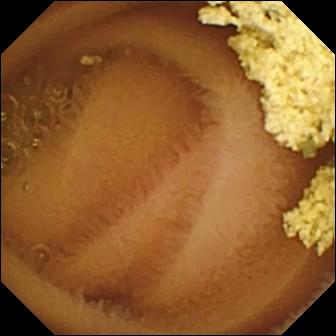PROCEDURE: VCE.
SEGMENT: Small intestine.
FINDINGS: Normal clean mucosa.